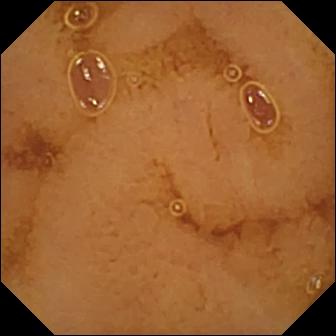Small-bowel capsule endoscopy image of the small intestine showing normal clean mucosa.